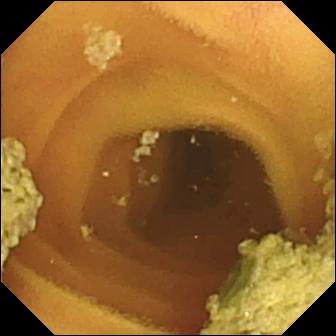- modality: video capsule endoscopy
- segment: small intestine
- label: normal clean mucosa